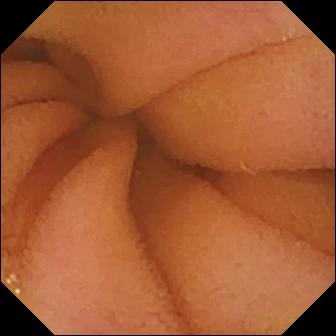This VCE view shows normal clean mucosa.